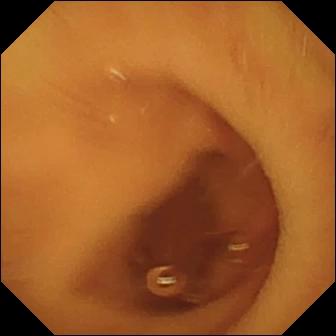Wireless capsule endoscopy — normal clean mucosa.